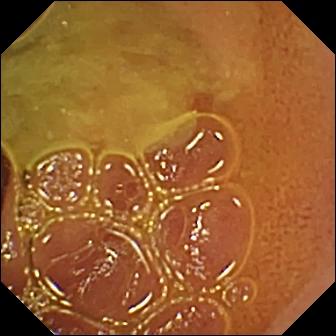VCE still
Finding: normal clean mucosa